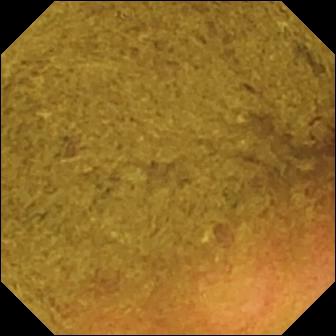{"modality": "video capsule endoscopy", "category": "anatomical landmark", "video_segment": "ileo-cecal valve region (where the capsule passes from the small bowel into the large bowel)"}